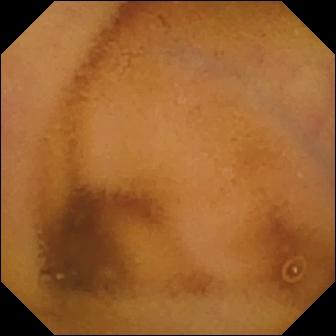VCE — normal clean mucosa.